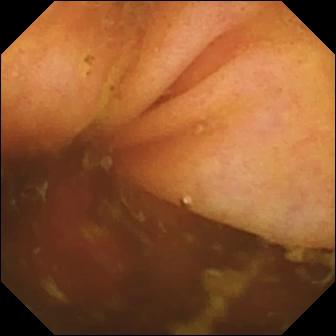WCE. Near an anatomical landmark. Position: ileo-cecal valve region (where the capsule passes from the small bowel into the large bowel).